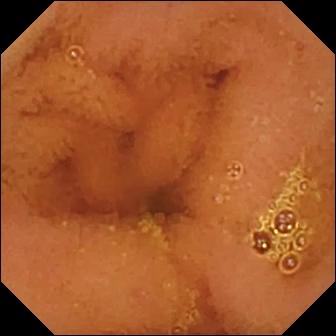Q: What does this video capsule endoscopy still show?
A: Normal clean mucosa.